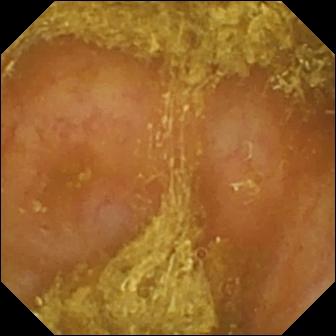Q: What does this WCE frame show?
A: Reduced mucosal view (content or bubbles obscuring the mucosa).